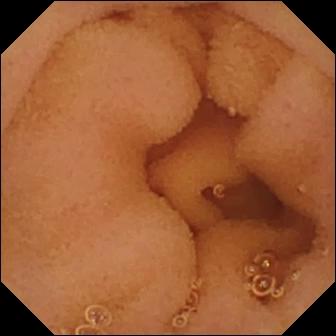Normal clean mucosa — video capsule endoscopy snapshot of the small intestine.